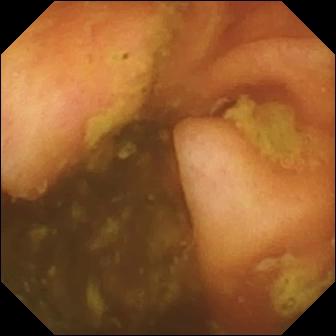Ileo-cecal valve region (where the capsule passes from the small bowel into the large bowel) — VCE image.